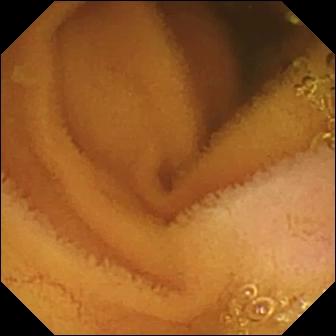Wireless capsule endoscopy. Small bowel. Finding: normal clean mucosa.